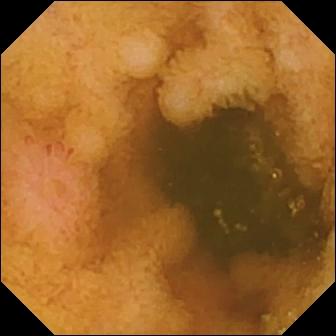PROCEDURE: Wireless capsule endoscopy.
FINDINGS: Erosion.